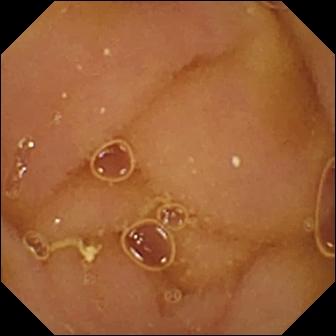Wireless capsule endoscopy. Small bowel. Impression: normal clean mucosa.